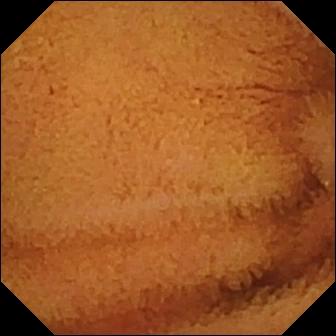Normal clean mucosa.